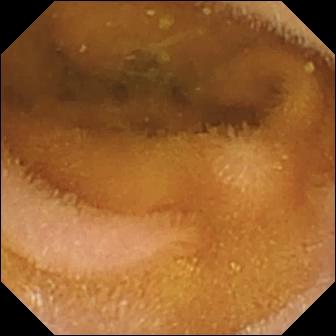Video capsule endoscopy frame
Observation: normal clean mucosa